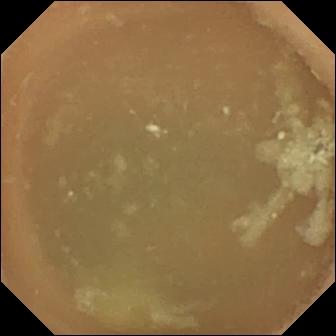{"modality": "VCE", "segment": "small intestine", "finding": "normal clean mucosa"}